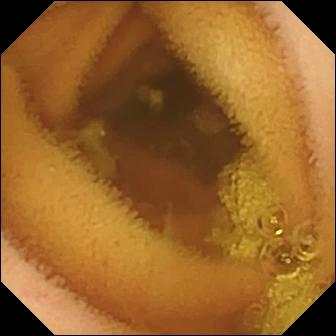Video capsule endoscopy frame (small intestine). Normal clean mucosa.